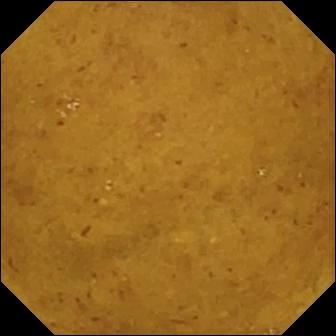Video capsule endoscopy snapshot
Position: ileo-cecal valve region (where the capsule passes from the small bowel into the large bowel)